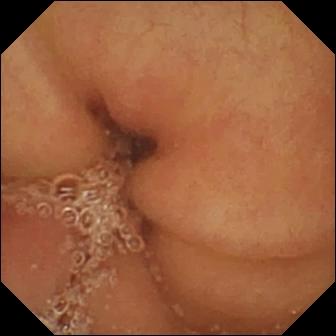modality: video capsule endoscopy; video segment: pylorus region (the junction between the stomach and the small bowel)